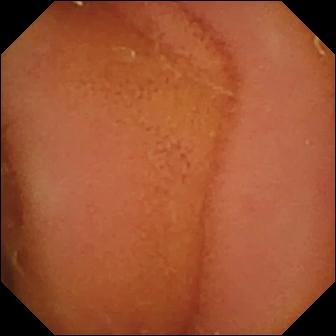modality: WCE; segment: small bowel; category: luminal finding; label: normal clean mucosa